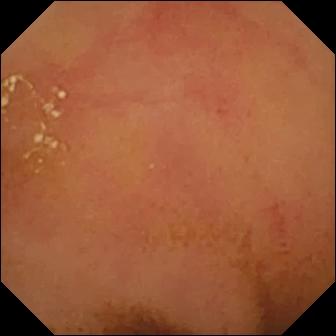WCE image, small intestine
Impression: normal clean mucosa